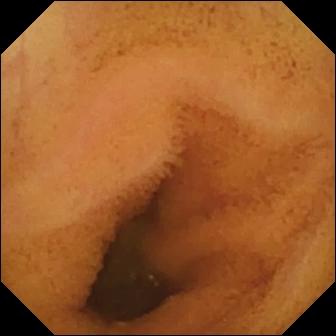Small-bowel capsule endoscopy view
Finding: normal clean mucosa